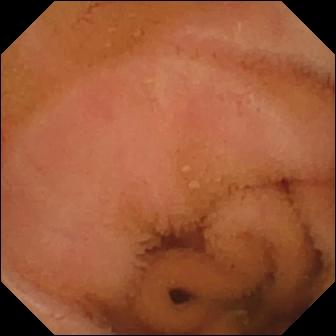Capsule endoscopy — normal clean mucosa.